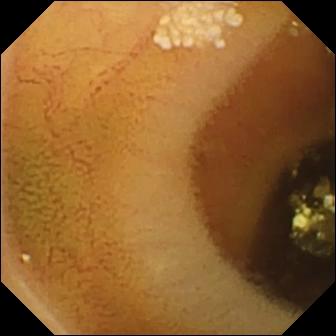modality: WCE | category: luminal finding | observation: lymphangiectasia